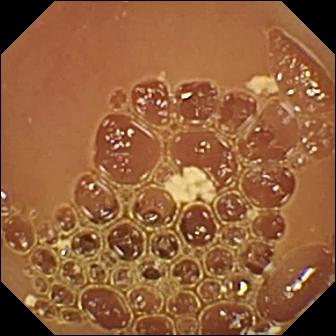Q: What does this capsule endoscopy still show?
A: Normal clean mucosa.